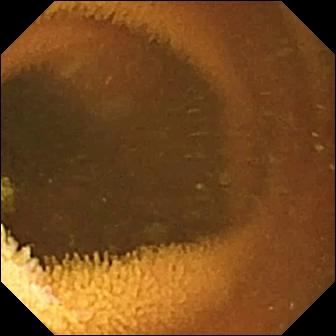WCE still showing normal clean mucosa.